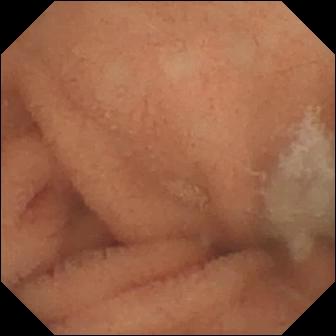Small-bowel capsule endoscopy snapshot, small bowel
Impression: normal clean mucosa